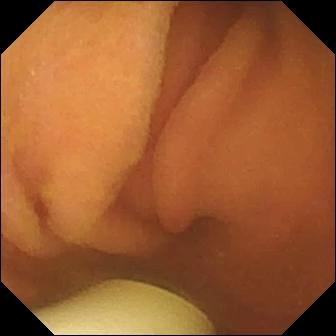modality: WCE | impression: foreign body (e.g. retained capsule, tablet residue)